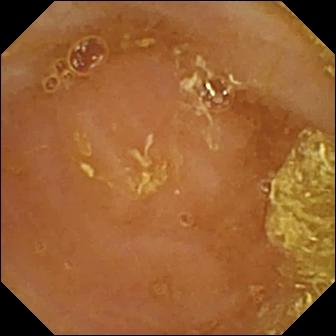Reduced mucosal view (content or bubbles obscuring the mucosa) — video capsule endoscopy still of the small intestine.